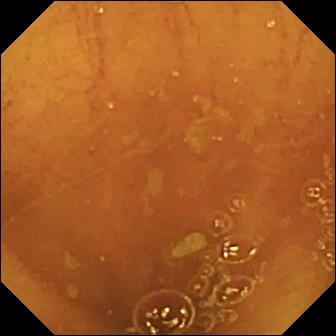Ileo-cecal valve region (where the capsule passes from the small bowel into the large bowel).